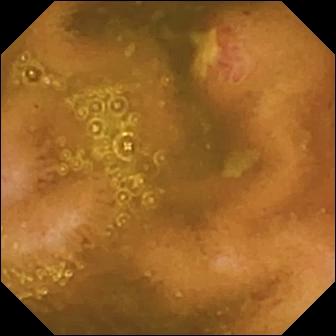Q: What does this WCE snapshot show?
A: Ulcer.